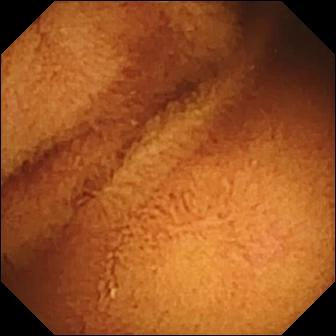Normal clean mucosa — capsule endoscopy image.